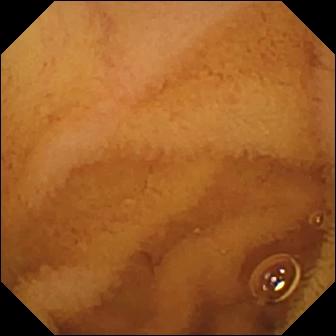Small-bowel capsule endoscopy. Luminal finding. Observation: normal clean mucosa.